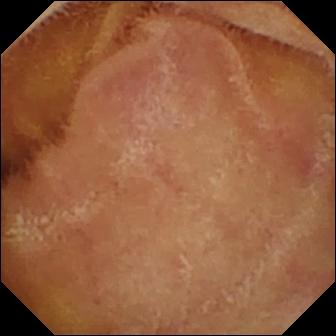WCE. Label: normal clean mucosa.